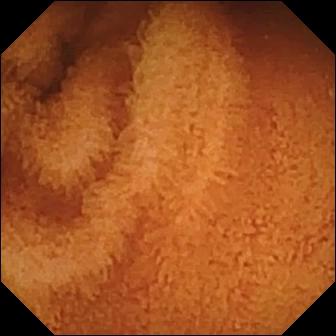- modality: capsule endoscopy
- finding: normal clean mucosa